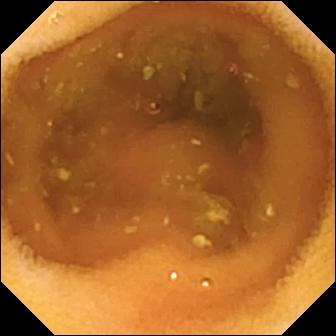This capsule endoscopy view shows normal clean mucosa.